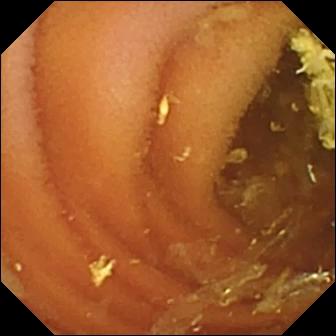modality: video capsule endoscopy | segment: small bowel | impression: normal clean mucosa